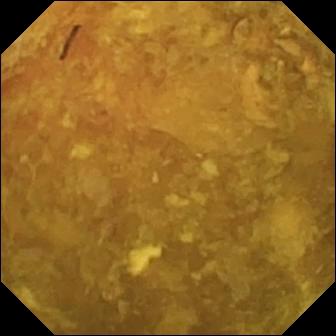- modality: WCE
- impression: reduced mucosal view (content or bubbles obscuring the mucosa)